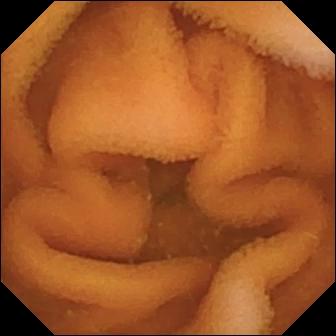Normal clean mucosa.